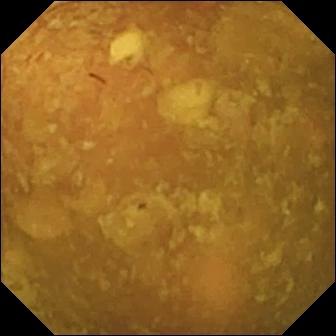Q: What does this WCE image of the small intestine show?
A: Reduced mucosal view (content or bubbles obscuring the mucosa).